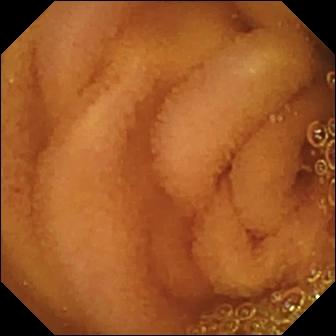Q: What does this capsule endoscopy still show?
A: Normal clean mucosa.